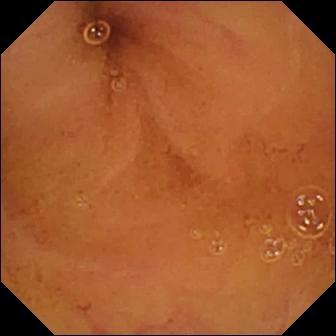Wireless capsule endoscopy. Small bowel. Observation: normal clean mucosa.